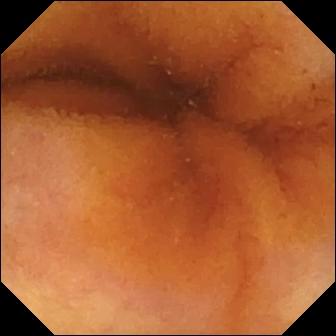{"modality": "capsule endoscopy", "segment": "small intestine", "finding": "normal clean mucosa"}